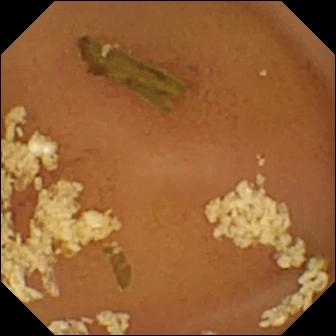{"modality": "capsule endoscopy", "segment": "small bowel", "finding": "normal clean mucosa"}